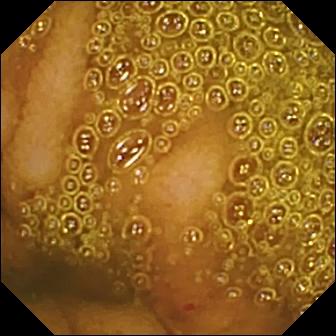WCE image
Impression: erosion